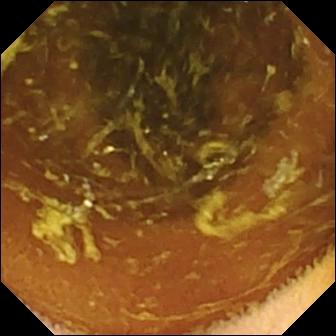Normal clean mucosa — capsule endoscopy view.